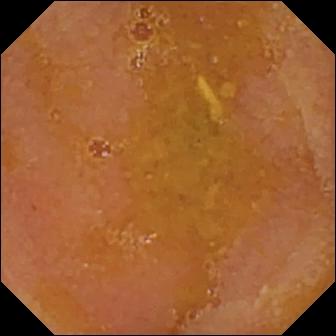This WCE snapshot shows reduced mucosal view (content or bubbles obscuring the mucosa).